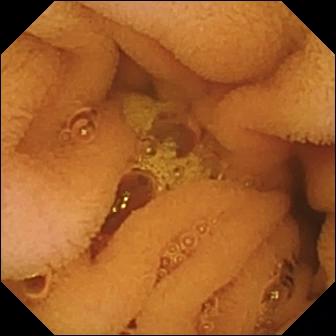This wireless capsule endoscopy frame shows normal clean mucosa.